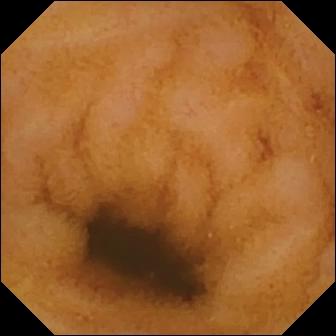Normal clean mucosa.